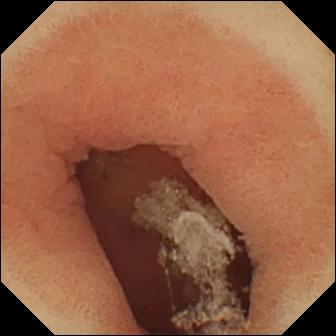This WCE frame was taken in the pylorus region.